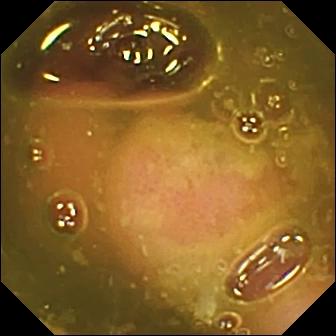Capsule endoscopy — ileo-cecal valve region (where the capsule passes from the small bowel into the large bowel).